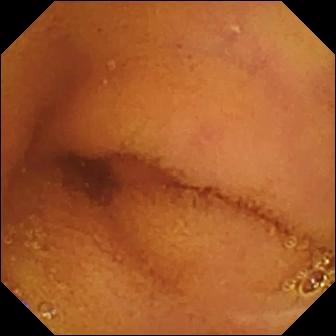VCE — normal clean mucosa.